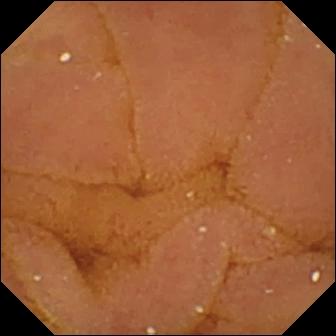Q: What does this small-bowel capsule endoscopy snapshot of the small intestine show?
A: Normal clean mucosa.